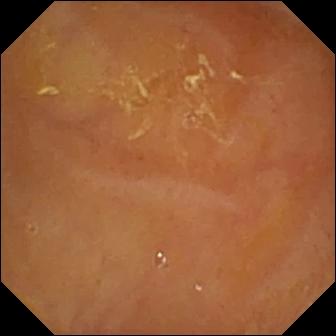WCE still, small intestine
Observation: reduced mucosal view (content or bubbles obscuring the mucosa)